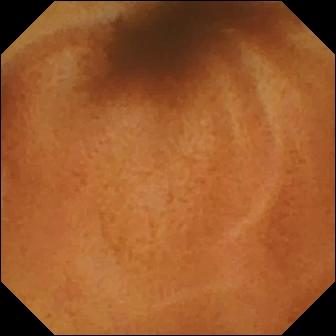WCE — normal clean mucosa.